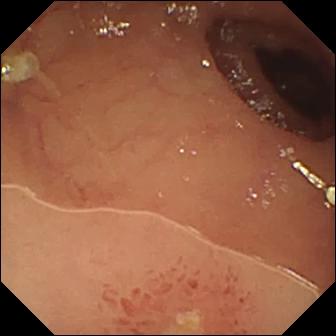- modality: capsule endoscopy
- category: luminal finding
- observation: ulcer